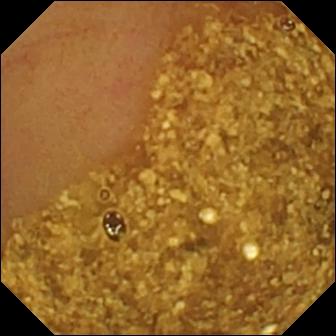VCE snapshot. Taken in the ileo-cecal valve region (the transition from the small bowel to the large bowel).